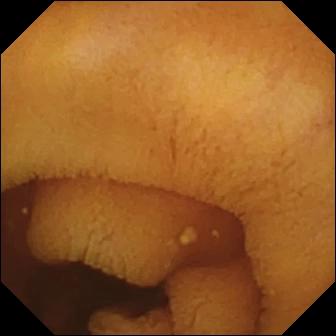VCE — normal clean mucosa.